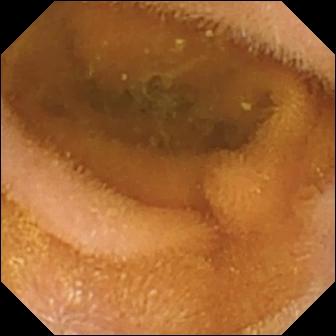This small-bowel capsule endoscopy snapshot shows normal clean mucosa.